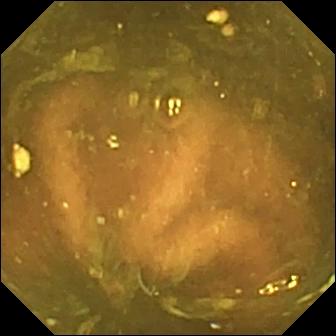Capsule endoscopy snapshot
Video segment: ileo-cecal valve region (the transition from the small bowel to the large bowel)